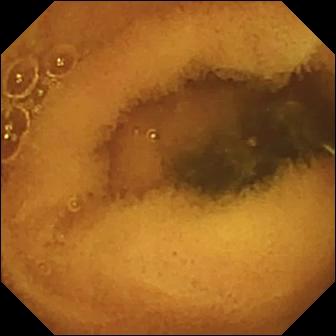PROCEDURE: Wireless capsule endoscopy.
SEGMENT: Small bowel.
FINDINGS: Normal clean mucosa.